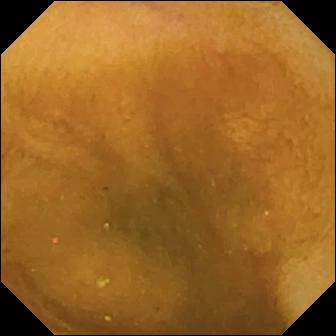Normal clean mucosa — WCE frame of the small intestine.